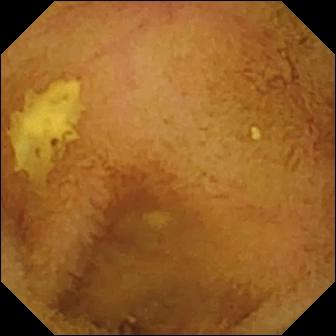{"modality": "WCE", "finding": "normal clean mucosa"}